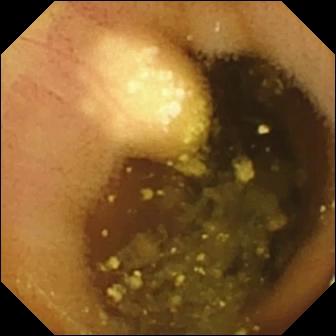This capsule endoscopy snapshot shows lymphangiectasia.